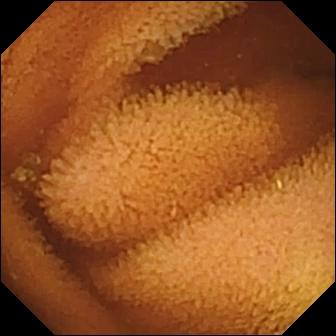This VCE image of the small intestine shows normal clean mucosa.